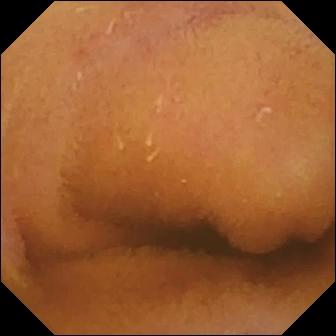WCE view (small bowel). Normal clean mucosa.